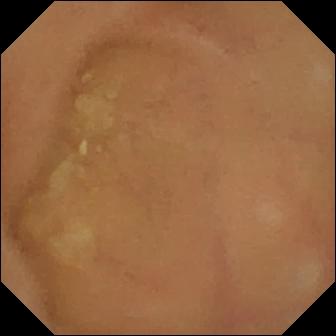- modality: wireless capsule endoscopy
- segment: small bowel
- observation: normal clean mucosa